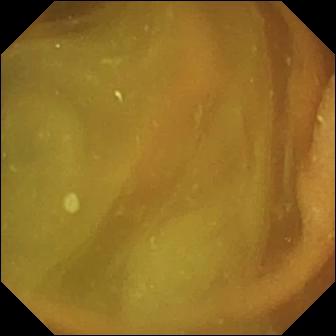Normal clean mucosa — VCE image.